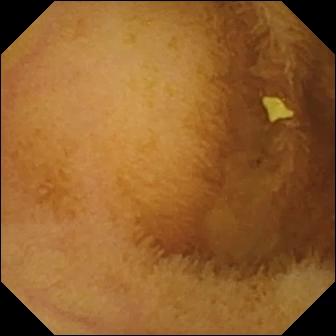modality: WCE
category: luminal finding
label: normal clean mucosa